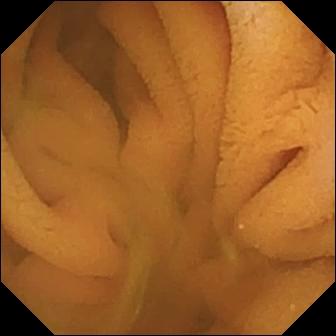Small-bowel capsule endoscopy view of the small bowel showing normal clean mucosa.